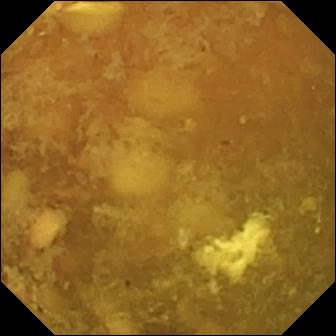- modality: video capsule endoscopy
- segment: small bowel
- label: reduced mucosal view (content or bubbles obscuring the mucosa)